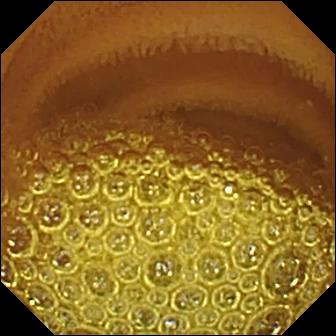Q: What does this video capsule endoscopy still show?
A: Normal clean mucosa.